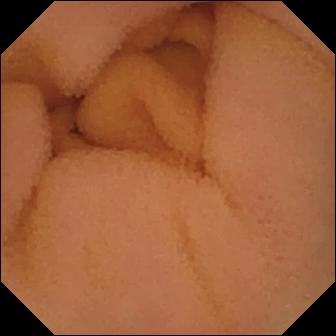WCE image, small bowel
Label: normal clean mucosa